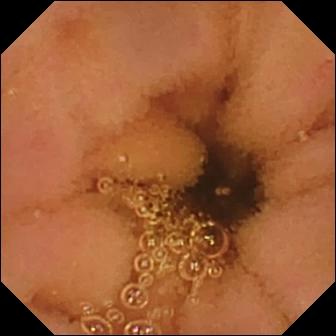- modality: WCE
- category: luminal finding
- finding: normal clean mucosa